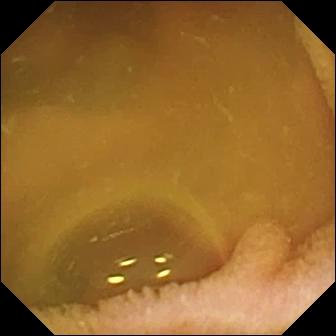PROCEDURE: Wireless capsule endoscopy.
SEGMENT: Small bowel.
FINDINGS: Normal clean mucosa.